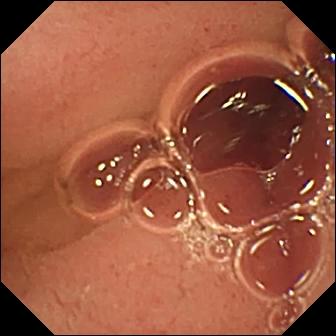Video capsule endoscopy. Video segment: pylorus region.